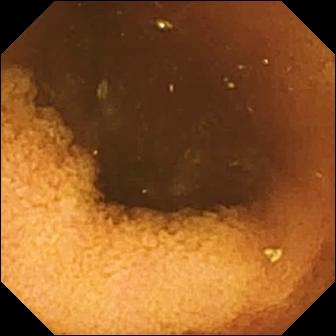PROCEDURE: Video capsule endoscopy.
FINDINGS: Normal clean mucosa.